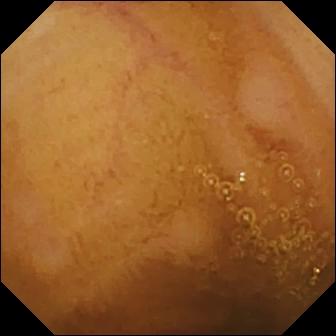Q: What does this small-bowel capsule endoscopy still show?
A: Normal clean mucosa.